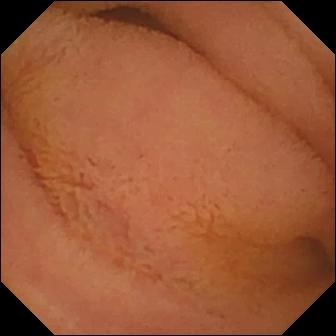Normal clean mucosa — video capsule endoscopy image of the small bowel.